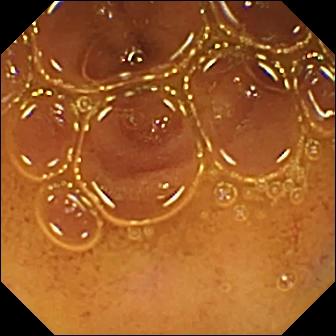Normal clean mucosa — WCE view.